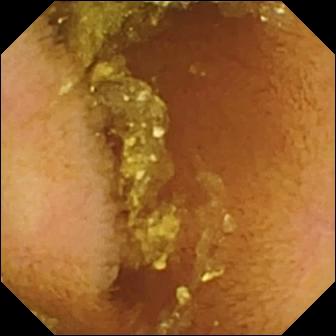Video capsule endoscopy still
Observation: normal clean mucosa